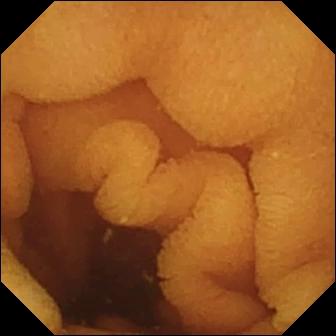Capsule endoscopy frame, small intestine
Finding: normal clean mucosa